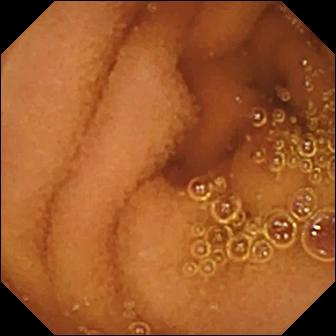Normal clean mucosa.